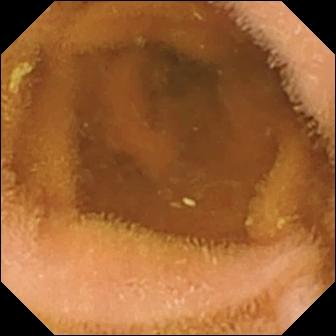Wireless capsule endoscopy still, small intestine
Finding: normal clean mucosa